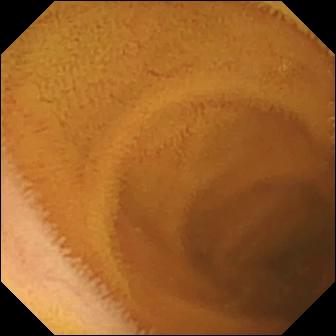This video capsule endoscopy image of the small bowel shows normal clean mucosa.